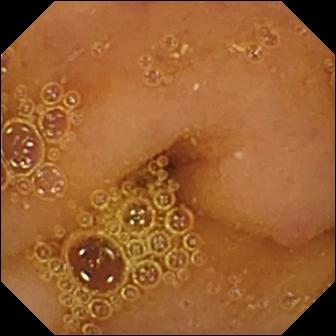Q: What does this capsule endoscopy image of the small bowel show?
A: Normal clean mucosa.